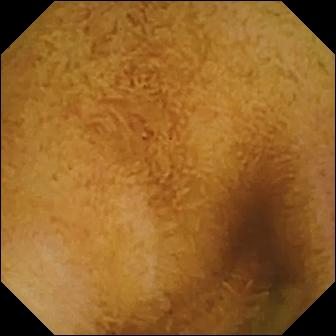Normal clean mucosa — small-bowel capsule endoscopy view of the small bowel.